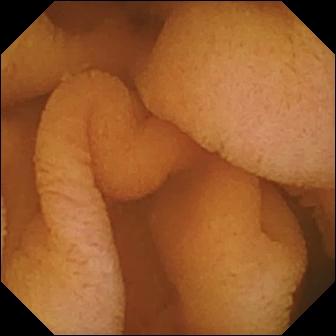- modality: WCE
- finding: normal clean mucosa